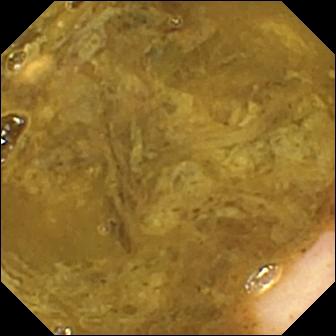Ileo-cecal valve region (the transition from the small bowel to the large bowel) — wireless capsule endoscopy still.